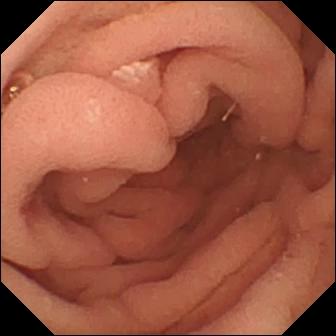VCE frame taken in the pylorus region.